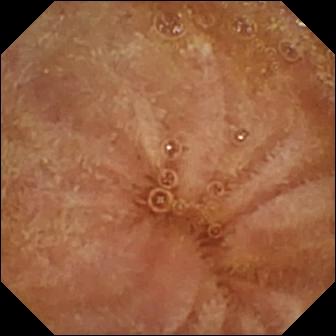Capsule endoscopy. Luminal finding. Label: normal clean mucosa.